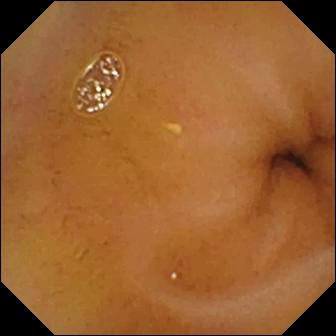- modality: video capsule endoscopy
- label: normal clean mucosa